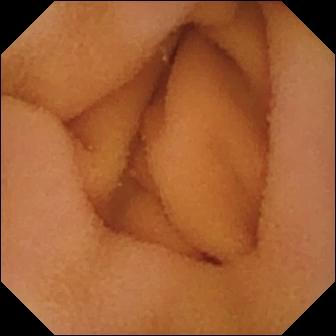modality: WCE | label: normal clean mucosa